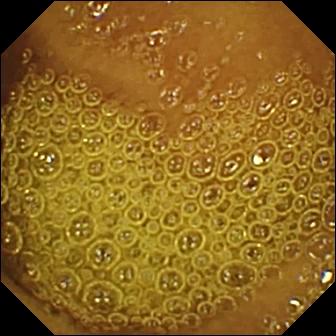Normal clean mucosa (336×336).